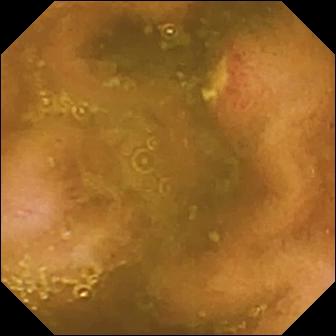VCE snapshot
Impression: ulcer